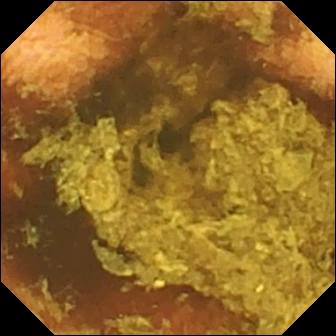Video capsule endoscopy snapshot showing normal clean mucosa.